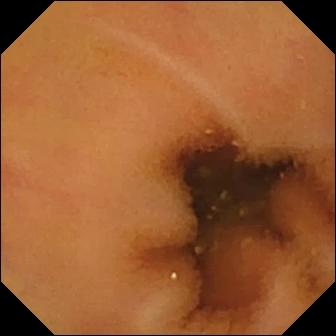{"modality": "VCE", "segment": "small intestine", "finding": "normal clean mucosa"}